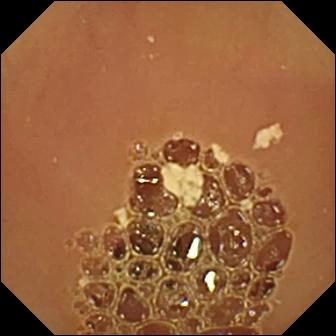Normal clean mucosa.